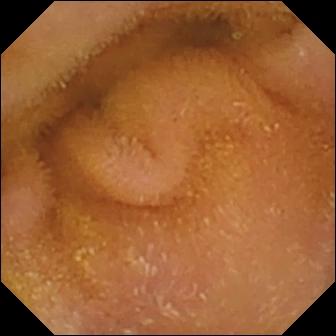{"modality": "VCE", "finding": "normal clean mucosa"}